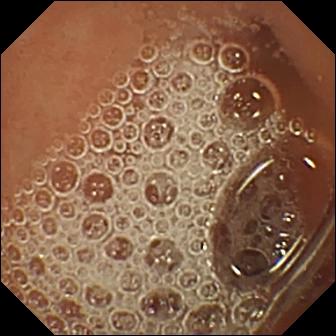This VCE frame shows normal clean mucosa.